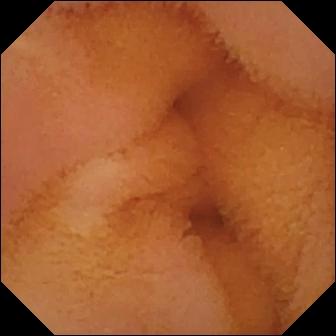{"modality": "video capsule endoscopy", "segment": "small bowel", "finding": "normal clean mucosa"}